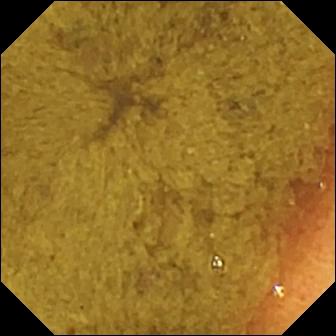Wireless capsule endoscopy snapshot. Taken in the ileo-cecal valve region (where the capsule passes from the small bowel into the large bowel).